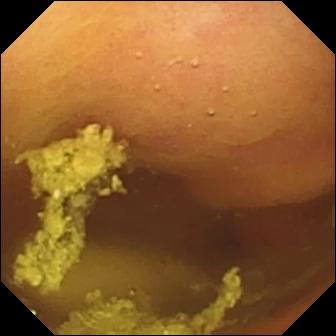{"modality": "video capsule endoscopy", "finding": "foreign body (e.g. retained capsule, tablet residue)"}